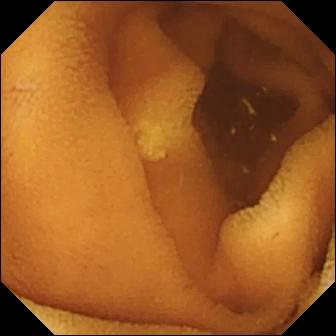Small-bowel capsule endoscopy. Small intestine. Luminal finding. Finding: normal clean mucosa.